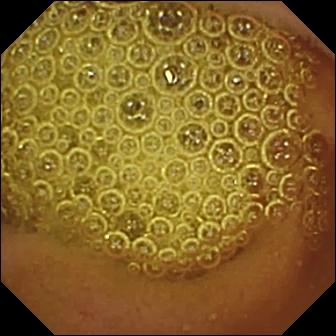Normal clean mucosa — small-bowel capsule endoscopy still.